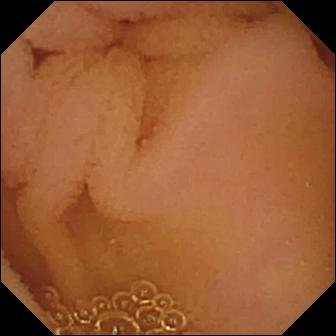Normal clean mucosa.